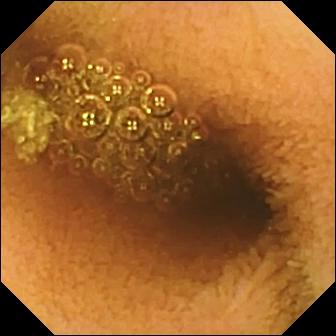Reduced mucosal view (content or bubbles obscuring the mucosa).